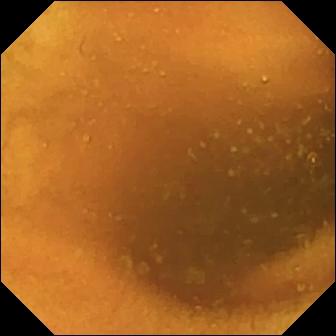Normal clean mucosa — WCE frame.